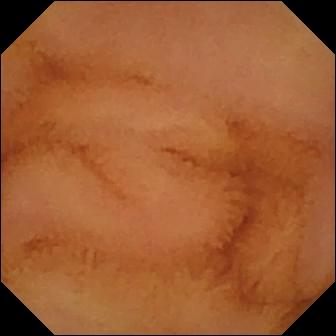Small-bowel capsule endoscopy — normal clean mucosa.